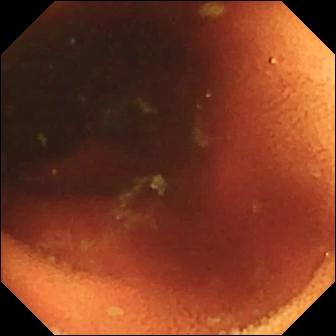This wireless capsule endoscopy still was taken in the ileo-cecal valve region.